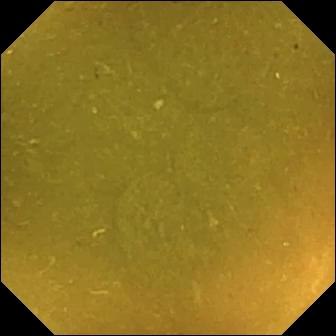PROCEDURE: WCE.
VIDEO SEGMENT: Ileo-cecal valve region.